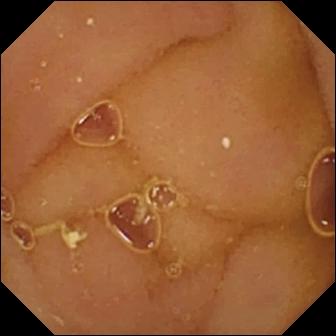Normal clean mucosa — wireless capsule endoscopy still.